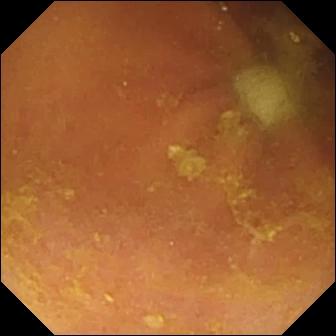- modality: wireless capsule endoscopy
- label: foreign body (e.g. retained capsule, tablet residue)